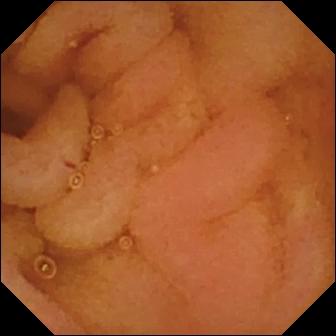PROCEDURE: VCE.
FINDINGS: Normal clean mucosa.